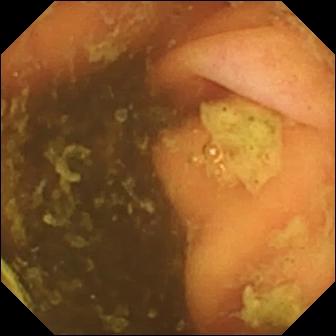Ileo-cecal valve region.